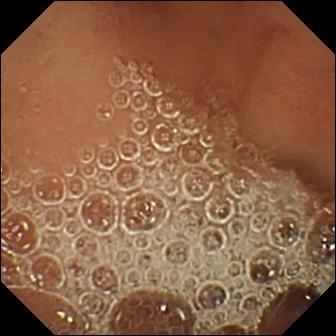Normal clean mucosa (336×336).